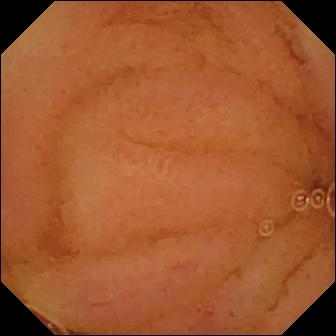Capsule endoscopy image, 336×336. Normal clean mucosa.